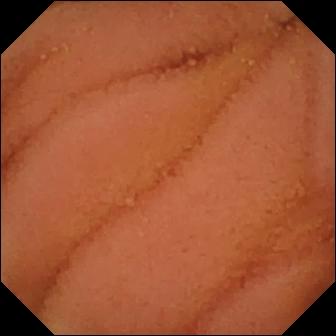WCE view of the small bowel showing normal clean mucosa.